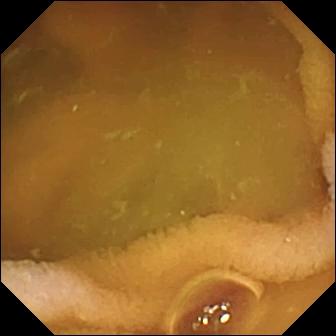Normal clean mucosa — wireless capsule endoscopy image of the small bowel.